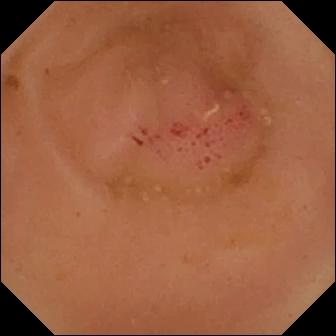Erythema (mucosal redness) — capsule endoscopy snapshot.